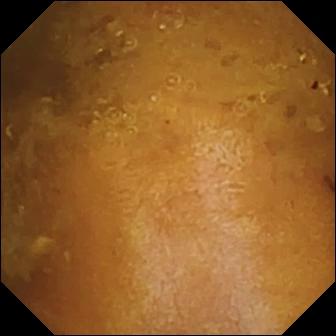{"modality": "small-bowel capsule endoscopy", "segment": "small intestine", "finding": "reduced mucosal view (content or bubbles obscuring the mucosa)"}